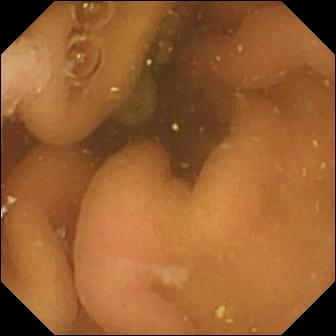Q: Where in the digestive tract was this video capsule endoscopy view taken?
A: Pylorus region (where the capsule passes from the stomach into the small bowel).